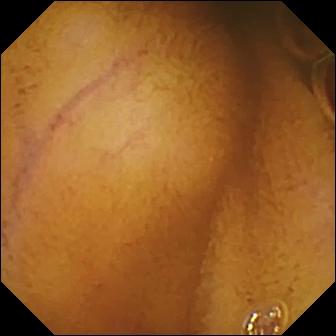Video capsule endoscopy. Impression: normal clean mucosa.